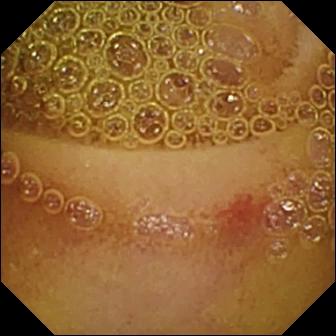Wireless capsule endoscopy image
Observation: erosion